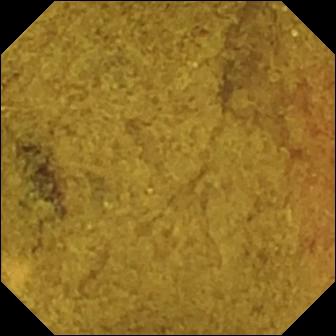This wireless capsule endoscopy snapshot was taken in the ileo-cecal valve region (where the capsule passes from the small bowel into the large bowel).